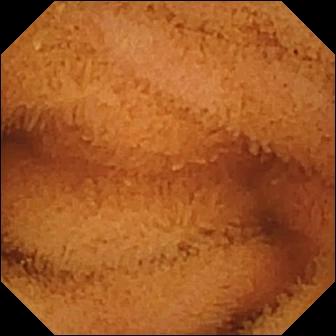Q: What does this video capsule endoscopy image of the small intestine show?
A: Normal clean mucosa.